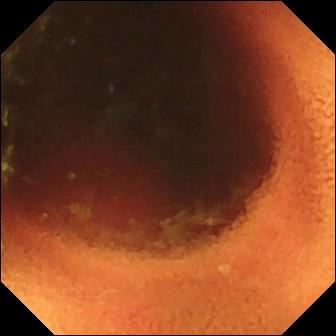This wireless capsule endoscopy view was taken in the ileo-cecal valve region.